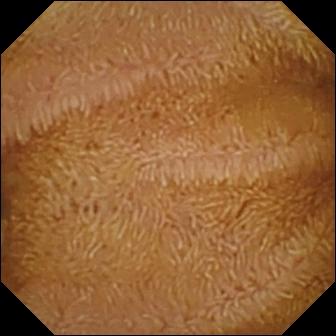Small-bowel capsule endoscopy — normal clean mucosa.